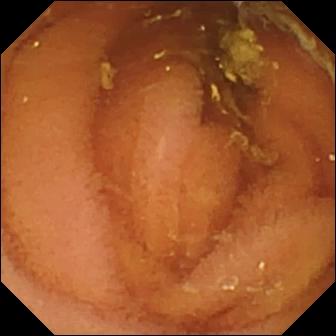VCE — normal clean mucosa.